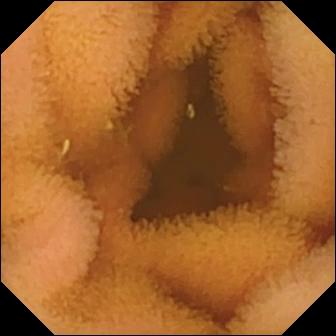- modality: WCE
- segment: small bowel
- category: luminal finding
- observation: normal clean mucosa